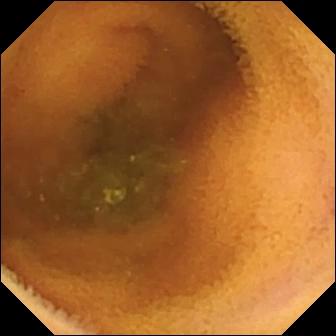Normal clean mucosa — VCE frame.